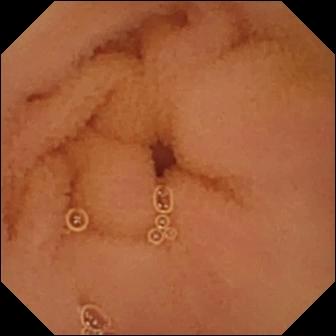Capsule endoscopy frame (small bowel). Normal clean mucosa.